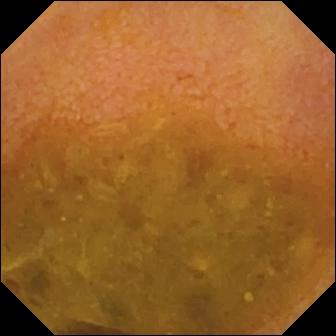PROCEDURE: Video capsule endoscopy.
FINDINGS: Reduced mucosal view (content or bubbles obscuring the mucosa).